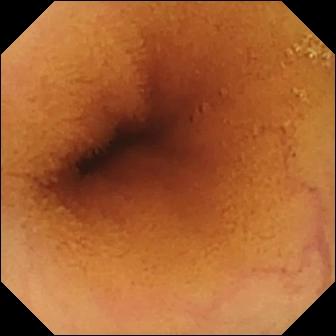PROCEDURE: Small-bowel capsule endoscopy.
FINDINGS: Normal clean mucosa.